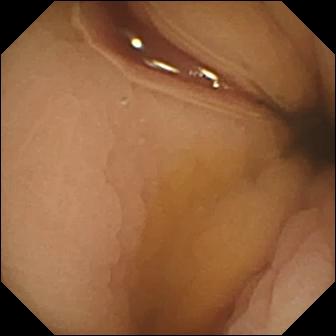WCE frame
Label: pylorus region